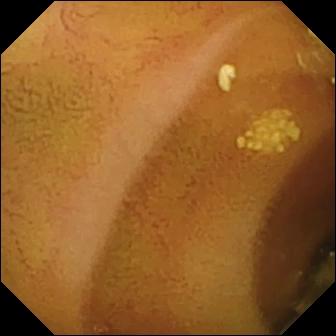- modality: WCE
- category: luminal finding
- observation: lymphangiectasia